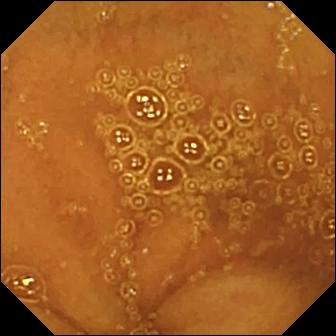Small-bowel capsule endoscopy. Label: normal clean mucosa.